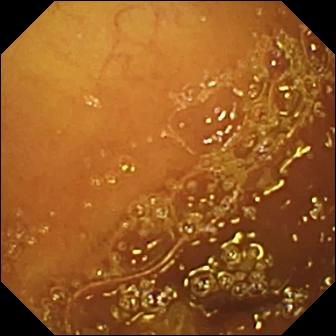{"modality": "capsule endoscopy", "segment": "small bowel", "finding": "normal clean mucosa"}